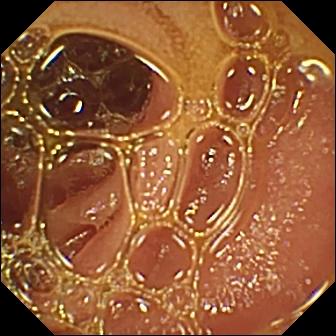{"modality": "VCE", "segment": "small bowel", "finding": "normal clean mucosa"}